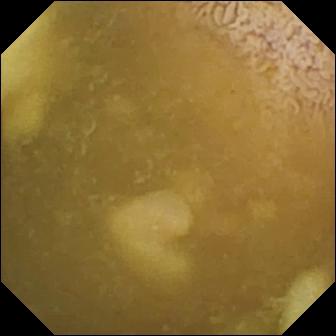Ileo-cecal valve region (where the capsule passes from the small bowel into the large bowel) — wireless capsule endoscopy image.